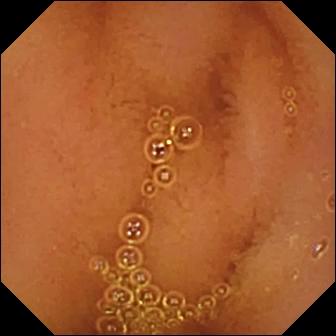- modality: video capsule endoscopy
- segment: small intestine
- label: normal clean mucosa